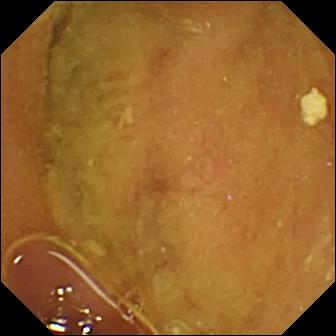Wireless capsule endoscopy — normal clean mucosa.